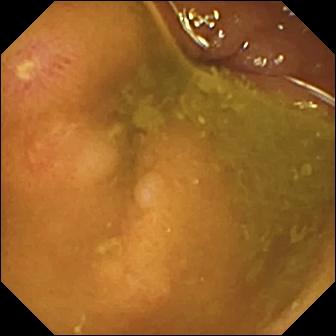- modality: small-bowel capsule endoscopy
- finding: ulcer